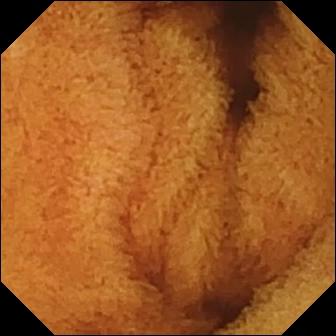PROCEDURE: WCE.
SEGMENT: Small bowel.
FINDINGS: Normal clean mucosa.